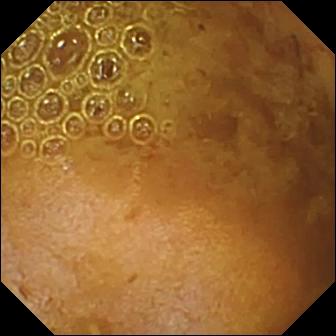PROCEDURE: VCE.
FINDINGS: Reduced mucosal view (content or bubbles obscuring the mucosa).